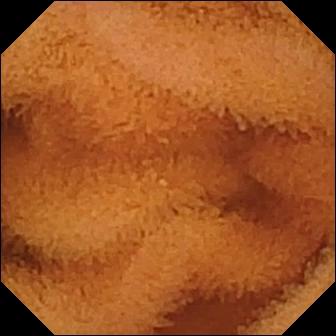modality: video capsule endoscopy; segment: small intestine; finding: normal clean mucosa